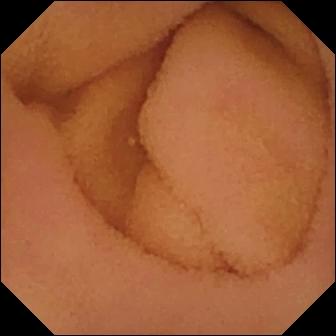This VCE view of the small intestine shows normal clean mucosa.